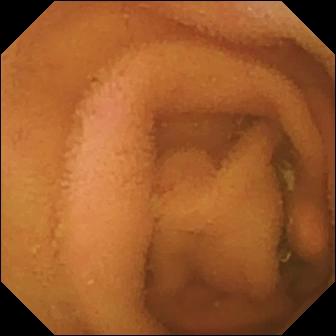Normal clean mucosa.